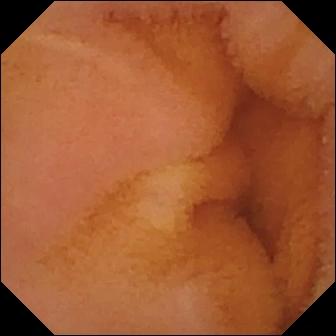PROCEDURE: WCE.
FINDINGS: Normal clean mucosa.